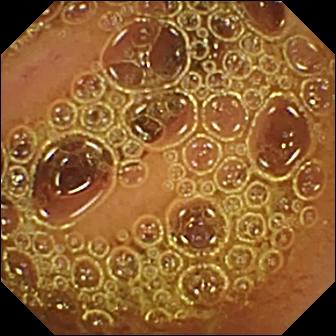Video capsule endoscopy view. Normal clean mucosa.